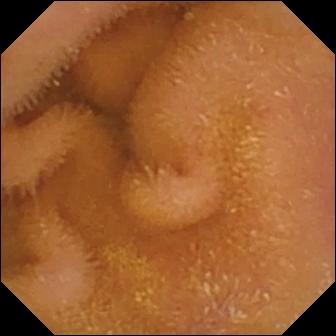modality: video capsule endoscopy | finding: normal clean mucosa